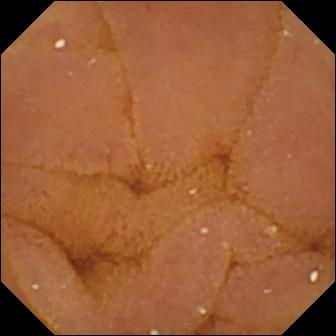Wireless capsule endoscopy — normal clean mucosa.